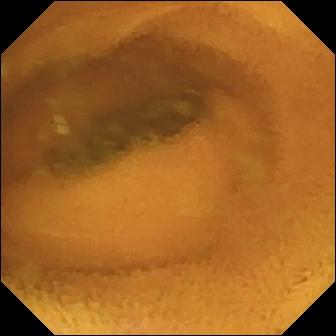{"modality": "video capsule endoscopy", "segment": "small intestine", "finding": "normal clean mucosa"}